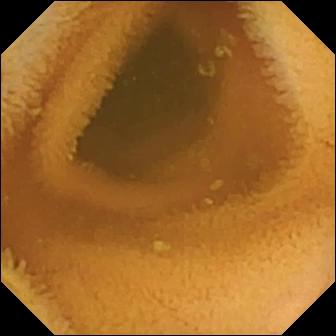- modality: capsule endoscopy
- segment: small intestine
- category: luminal finding
- observation: normal clean mucosa